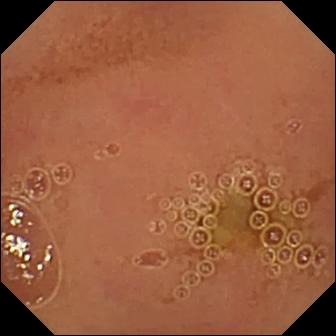modality: WCE; finding: normal clean mucosa